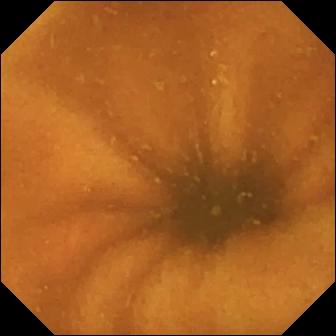VCE frame, small bowel
Label: normal clean mucosa